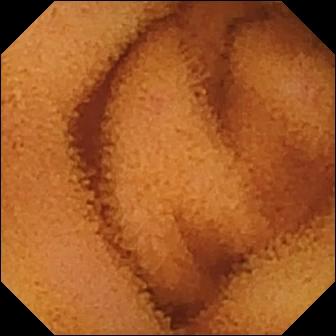- modality: wireless capsule endoscopy
- category: luminal finding
- finding: normal clean mucosa